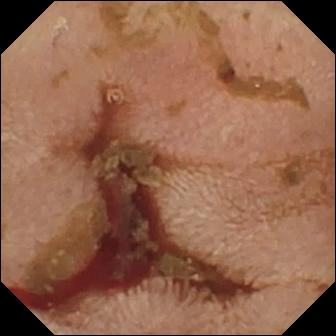Video capsule endoscopy view. Fresh blood in the lumen.